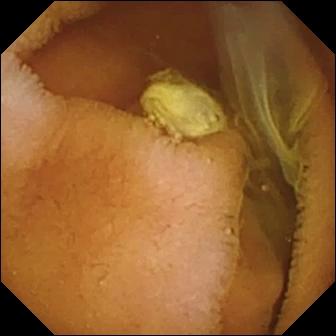- modality: small-bowel capsule endoscopy
- segment: small intestine
- category: luminal finding
- observation: normal clean mucosa